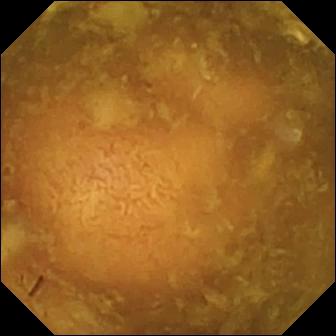This WCE view shows reduced mucosal view (content or bubbles obscuring the mucosa).